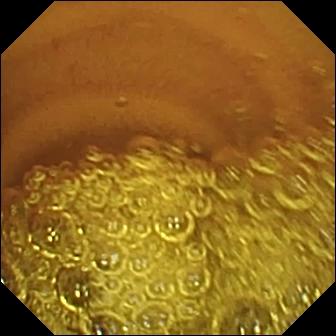Q: What does this small-bowel capsule endoscopy snapshot of the small bowel show?
A: Normal clean mucosa.